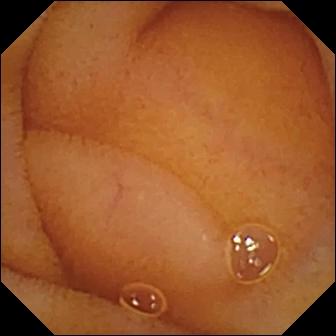Video capsule endoscopy still. Normal clean mucosa.